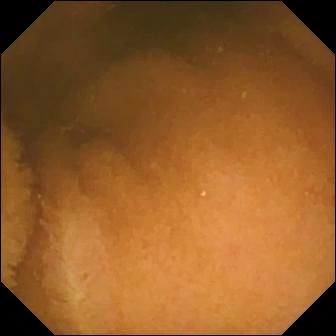- modality: capsule endoscopy
- label: normal clean mucosa